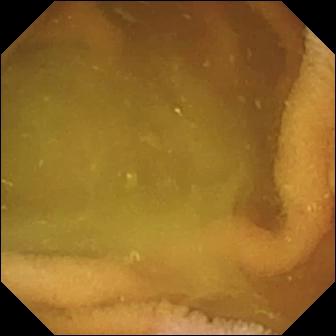modality: capsule endoscopy; category: luminal finding; finding: normal clean mucosa